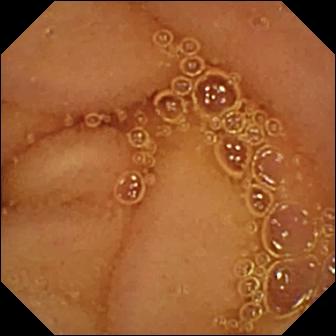This WCE image of the small bowel shows normal clean mucosa.